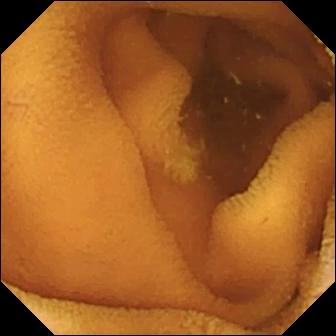This WCE snapshot shows normal clean mucosa.